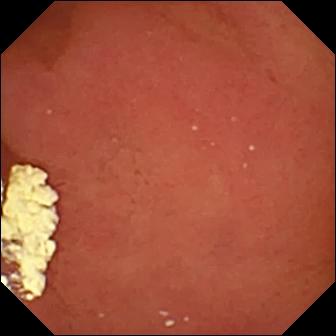This WCE image was taken in the pylorus region.